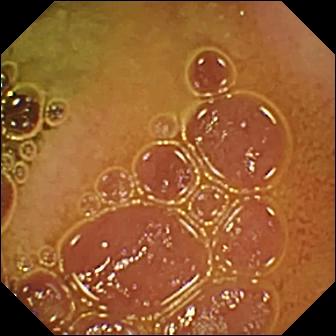Normal clean mucosa (336×336).